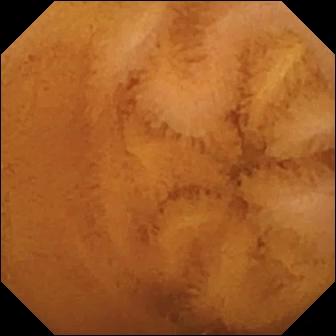modality: VCE; segment: small bowel; impression: normal clean mucosa